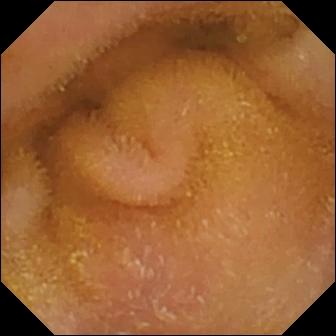Capsule endoscopy. Label: normal clean mucosa.